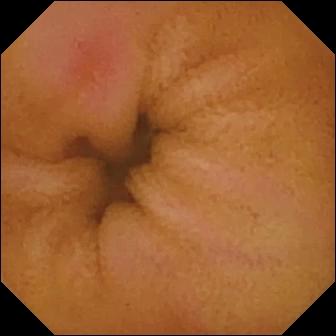modality: small-bowel capsule endoscopy; label: erythema (mucosal redness)